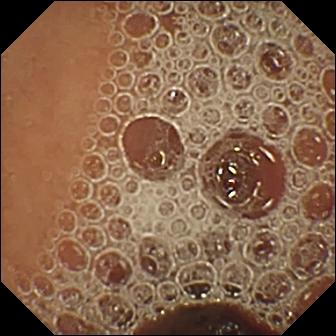modality: video capsule endoscopy | category: luminal finding | impression: normal clean mucosa